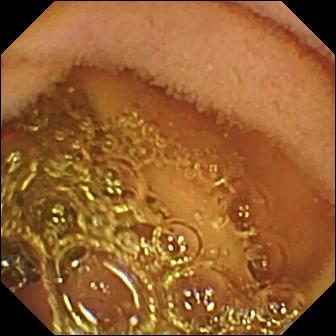Normal clean mucosa.